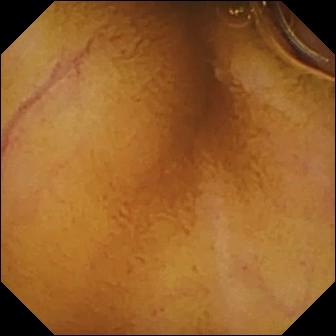Normal clean mucosa — VCE snapshot of the small bowel.